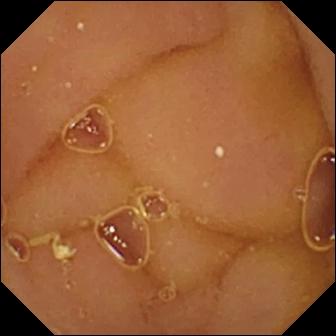{"modality": "small-bowel capsule endoscopy", "segment": "small intestine", "finding": "normal clean mucosa"}